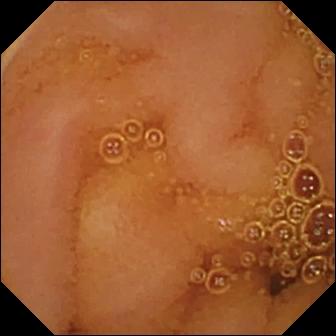Small-bowel capsule endoscopy — normal clean mucosa.